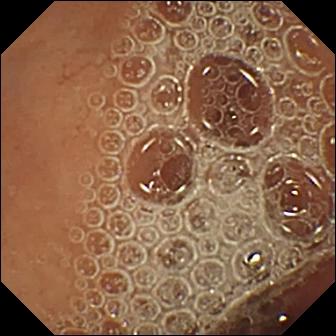Video capsule endoscopy view showing normal clean mucosa.